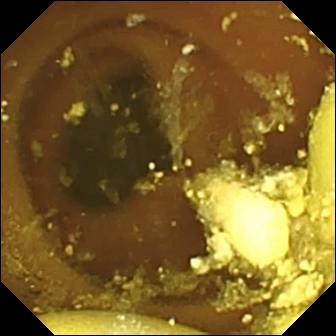Foreign body (e.g. retained capsule, tablet residue).